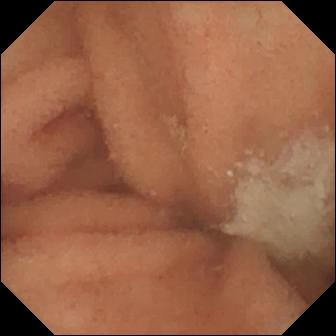Normal clean mucosa — capsule endoscopy still.